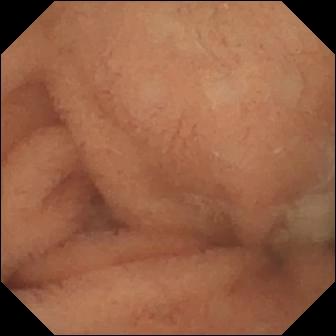Video capsule endoscopy. Finding: normal clean mucosa.